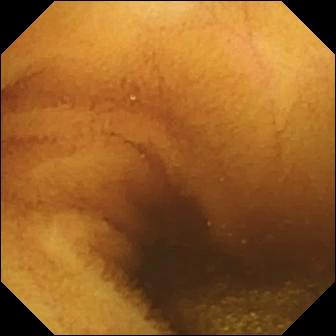Small-bowel capsule endoscopy — normal clean mucosa.